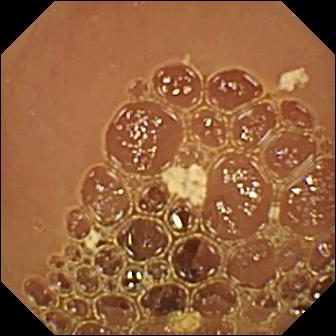modality: capsule endoscopy; segment: small bowel; label: normal clean mucosa